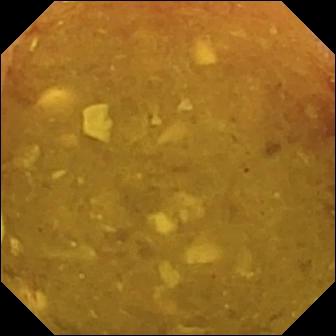modality: capsule endoscopy | segment: small bowel | category: luminal finding | observation: reduced mucosal view (content or bubbles obscuring the mucosa)